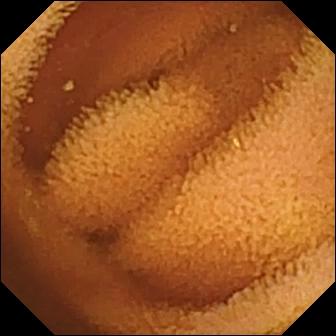{"modality": "video capsule endoscopy", "finding": "normal clean mucosa"}